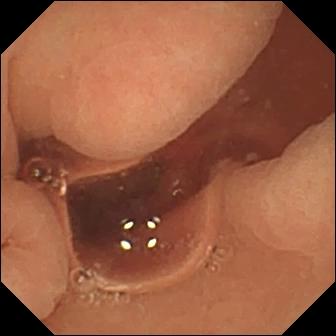Q: What does this VCE still show?
A: Normal clean mucosa.